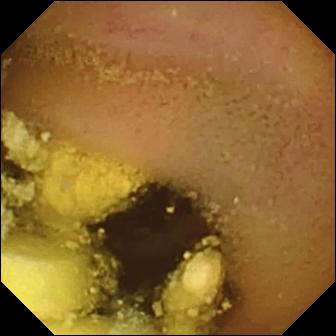{"modality": "VCE", "finding": "foreign body (e.g. retained capsule, tablet residue)"}